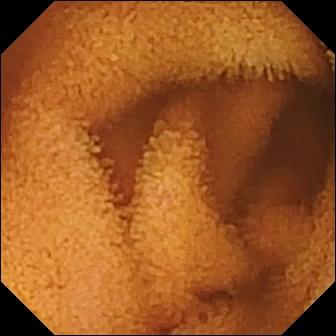Normal clean mucosa.